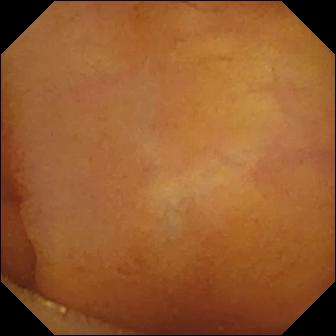Normal clean mucosa — capsule endoscopy image.